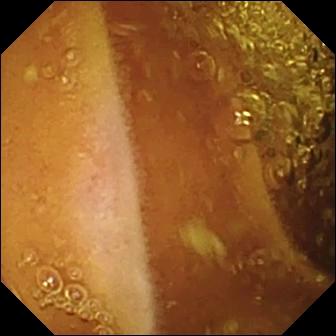Q: What does this WCE frame show?
A: Normal clean mucosa.